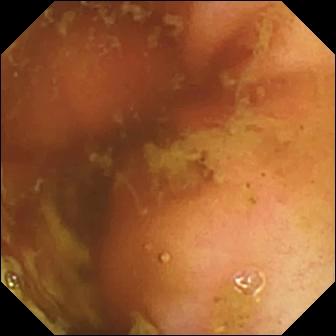- modality: video capsule endoscopy
- label: ileo-cecal valve region